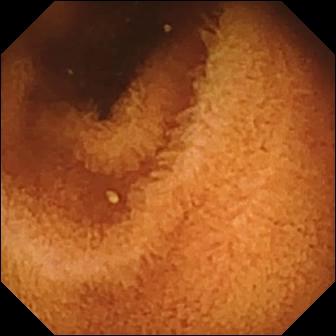PROCEDURE: Video capsule endoscopy.
FINDINGS: Normal clean mucosa.